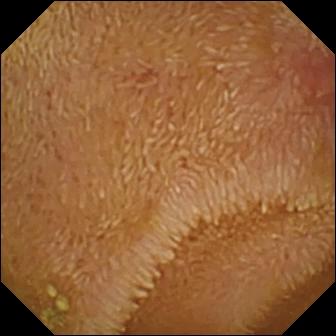modality: capsule endoscopy; category: luminal finding; finding: erosion